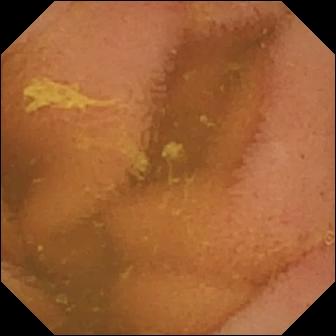Normal clean mucosa — small-bowel capsule endoscopy frame.